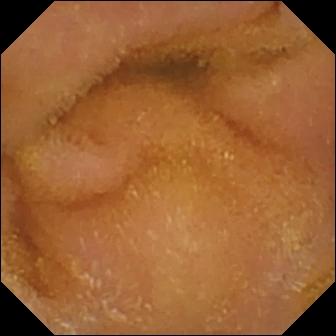modality: VCE | segment: small intestine | category: luminal finding | impression: normal clean mucosa